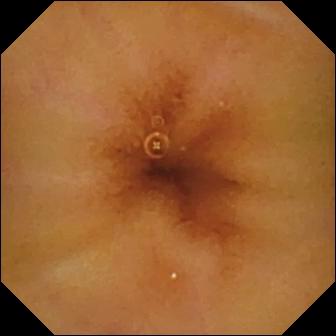Wireless capsule endoscopy view. Normal clean mucosa.